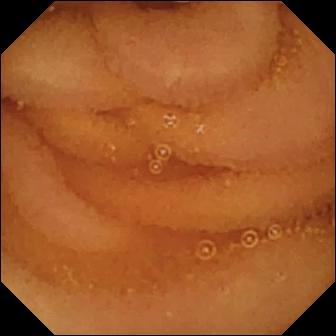- modality: VCE
- category: luminal finding
- observation: normal clean mucosa